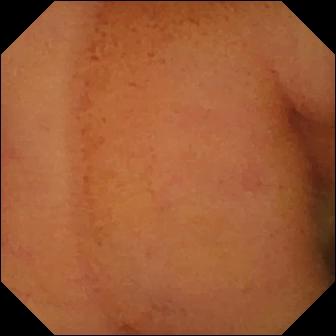Wireless capsule endoscopy. Small bowel. Label: normal clean mucosa.